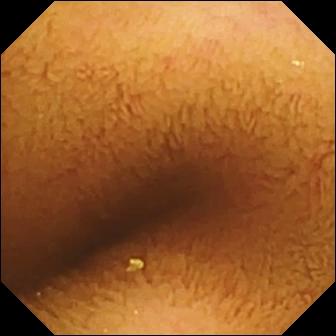Q: What does this wireless capsule endoscopy image show?
A: Normal clean mucosa.